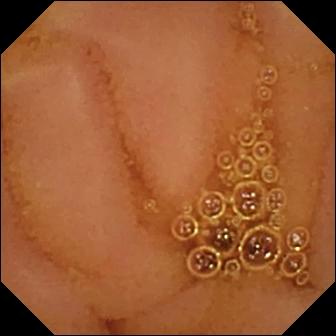Normal clean mucosa — WCE image of the small intestine.